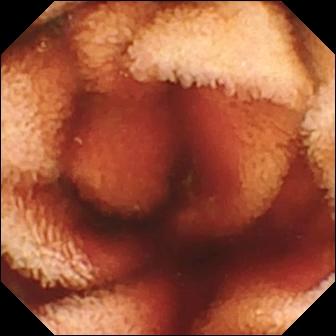Q: What does this wireless capsule endoscopy view show?
A: Fresh blood in the lumen.